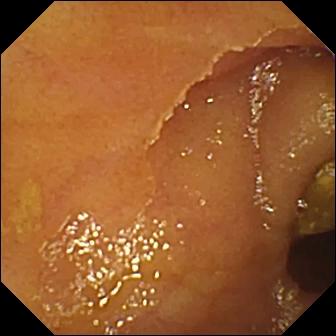Ileo-cecal valve region (the transition from the small bowel to the large bowel).